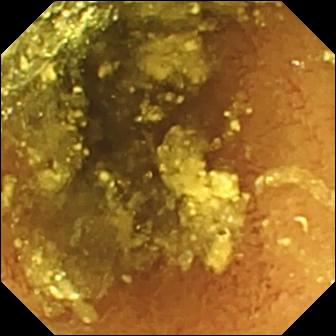Video capsule endoscopy. Label: normal clean mucosa.